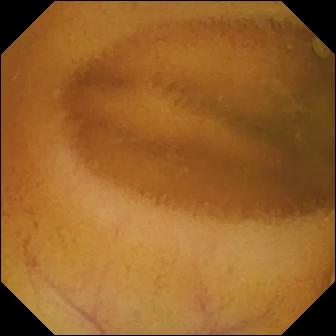PROCEDURE: Wireless capsule endoscopy.
FINDINGS: Normal clean mucosa.